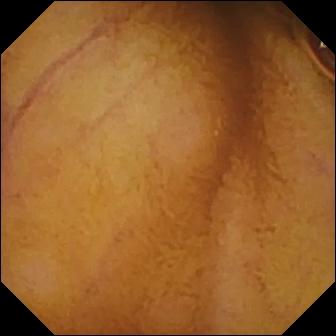Normal clean mucosa.